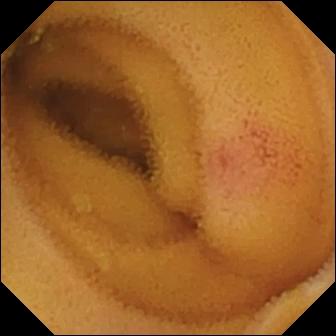PROCEDURE: WCE.
FINDINGS: Angiectasia.